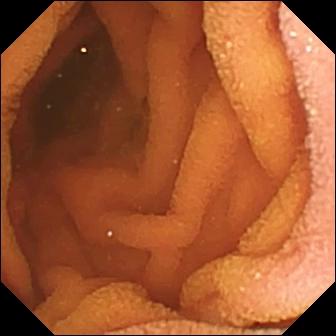VCE — normal clean mucosa.